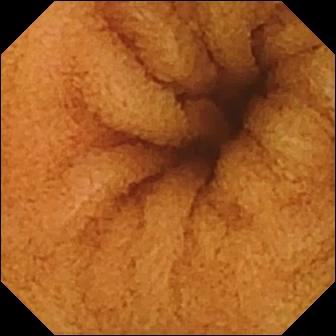Wireless capsule endoscopy. Small intestine. Observation: normal clean mucosa.